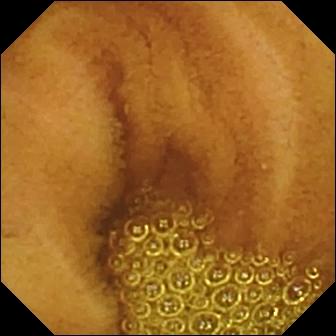This capsule endoscopy still of the small bowel shows normal clean mucosa.